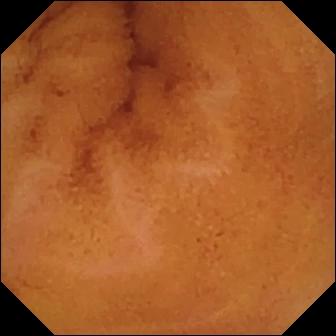Normal clean mucosa.